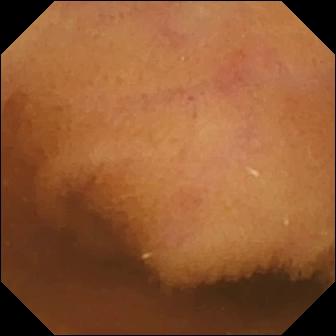Video capsule endoscopy snapshot. Normal clean mucosa.